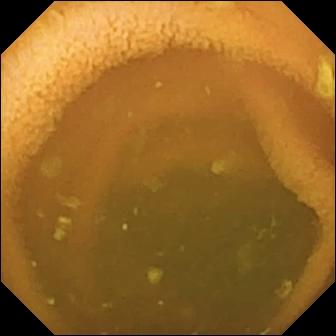Normal clean mucosa — small-bowel capsule endoscopy image of the small bowel.